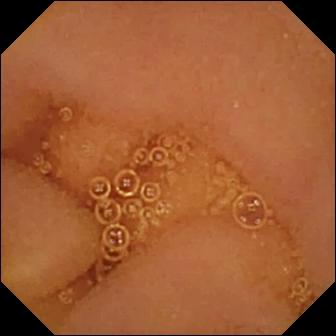Normal clean mucosa.